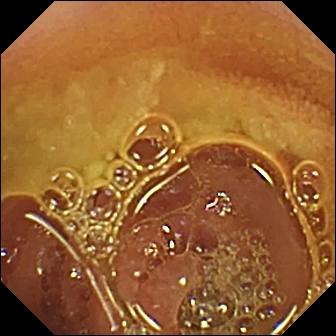modality: WCE
category: luminal finding
label: normal clean mucosa